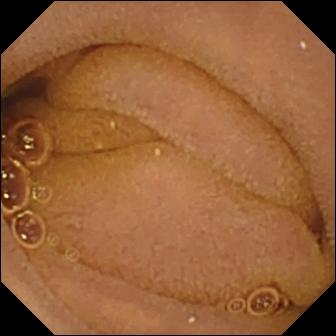VCE. Luminal finding. Label: normal clean mucosa.